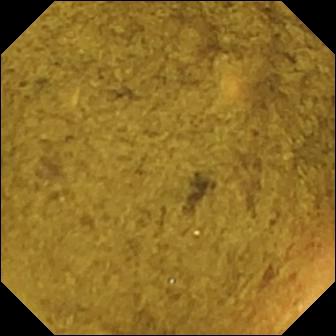Q: Where in the digestive tract was this WCE frame taken?
A: Ileo-cecal valve region (where the capsule passes from the small bowel into the large bowel).